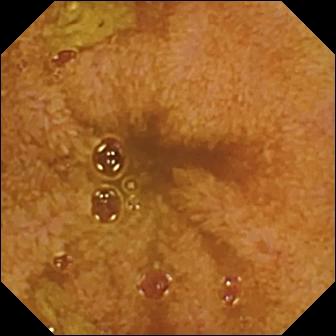Ileo-cecal valve region — WCE still.